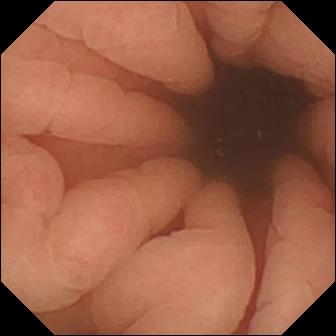- modality: WCE
- category: anatomical landmark
- video segment: pylorus region (the junction between the stomach and the small bowel)